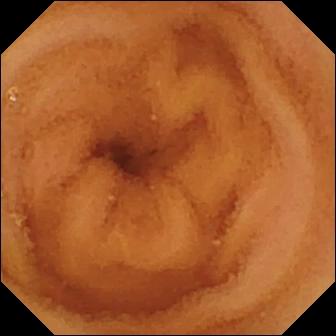modality: video capsule endoscopy | segment: small bowel | finding: normal clean mucosa